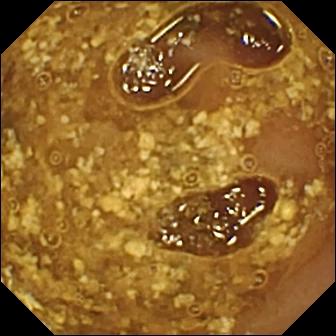Wireless capsule endoscopy still showing reduced mucosal view (content or bubbles obscuring the mucosa).